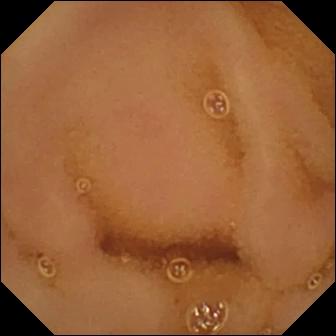Q: What does this small-bowel capsule endoscopy frame of the small bowel show?
A: Normal clean mucosa.